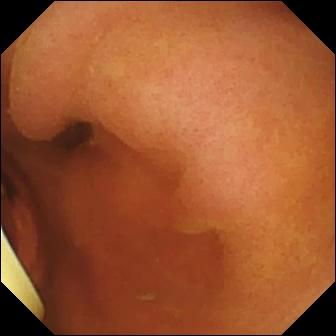{"modality": "VCE", "category": "luminal finding", "finding": "foreign body (e.g. retained capsule, tablet residue)"}